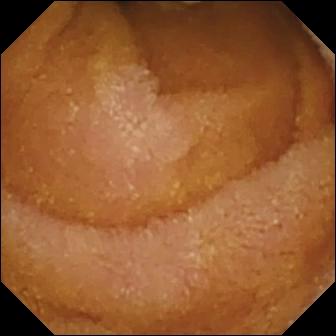Small-bowel capsule endoscopy. Observation: normal clean mucosa.